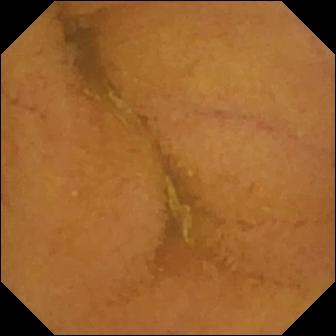Wireless capsule endoscopy still (small bowel). Normal clean mucosa.